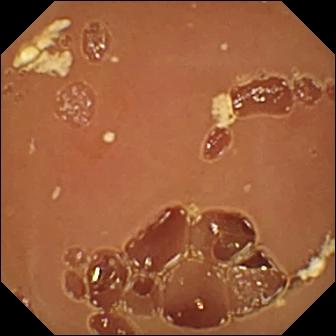Normal clean mucosa.